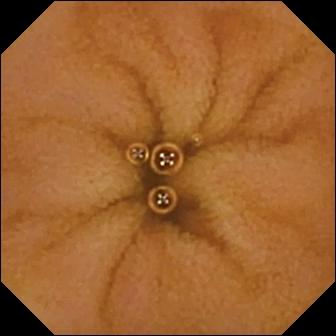Normal clean mucosa.